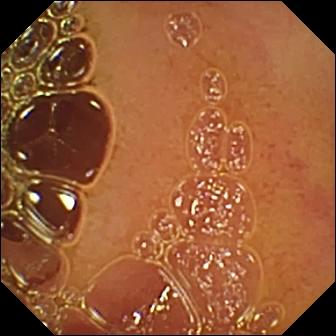Q: What does this WCE view show?
A: Normal clean mucosa.